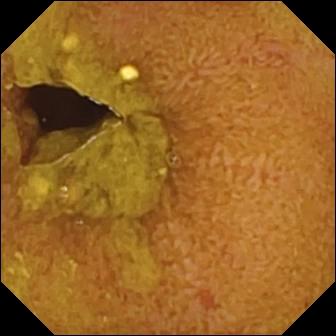Capsule endoscopy — ileo-cecal valve region (the transition from the small bowel to the large bowel).